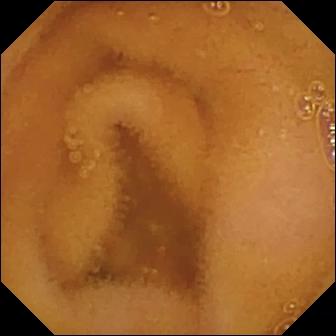Normal clean mucosa (336×336).